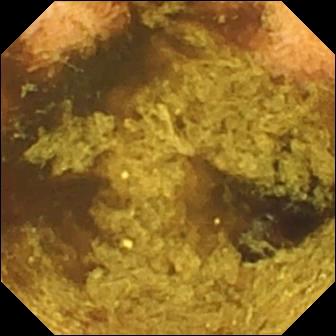Video capsule endoscopy — normal clean mucosa.